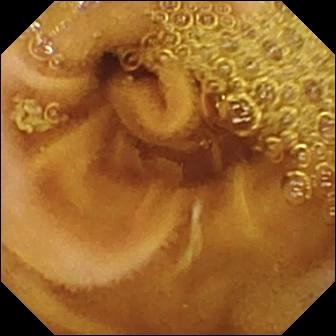Small-bowel capsule endoscopy — normal clean mucosa.